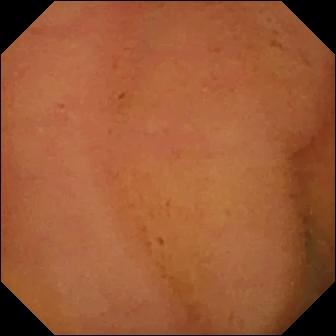VCE. Small bowel. Finding: normal clean mucosa.